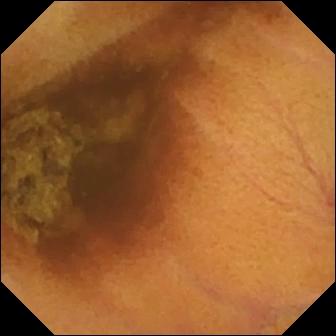- modality: VCE
- segment: small bowel
- category: luminal finding
- label: normal clean mucosa